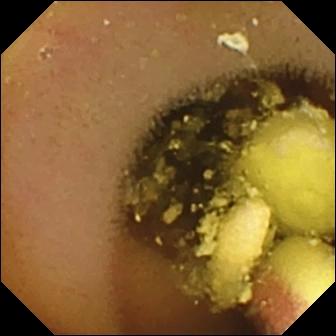This WCE image shows foreign body (e.g. retained capsule, tablet residue).